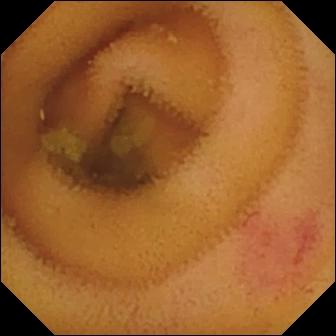Video capsule endoscopy — angiectasia.